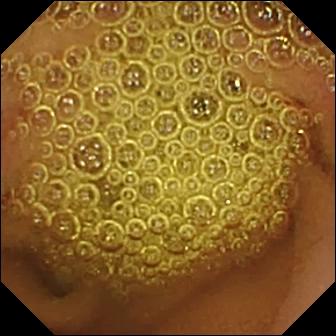WCE still of the small bowel showing normal clean mucosa.